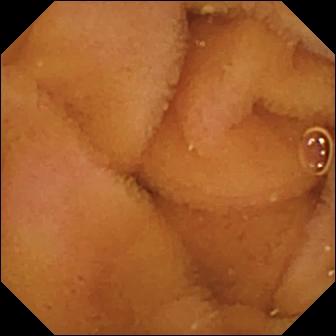PROCEDURE: Small-bowel capsule endoscopy.
SEGMENT: Small bowel.
FINDINGS: Normal clean mucosa.